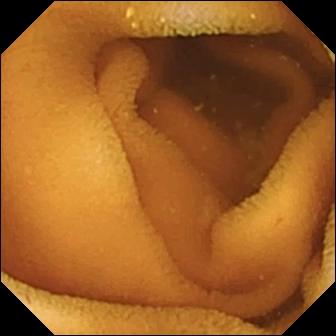Wireless capsule endoscopy. Small intestine. Luminal finding. Finding: normal clean mucosa.